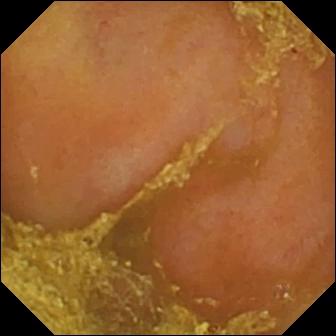Reduced mucosal view (content or bubbles obscuring the mucosa).